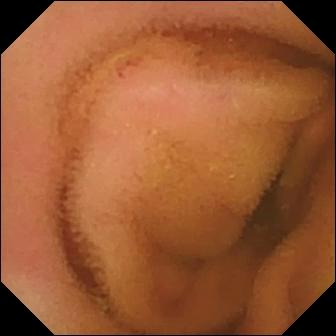Q: What does this wireless capsule endoscopy snapshot show?
A: Normal clean mucosa.